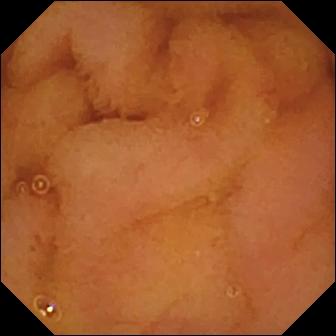modality: wireless capsule endoscopy
category: luminal finding
impression: normal clean mucosa